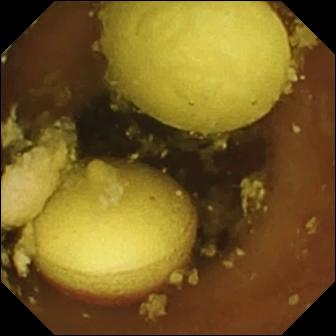This wireless capsule endoscopy frame shows foreign body (e.g. retained capsule, tablet residue).